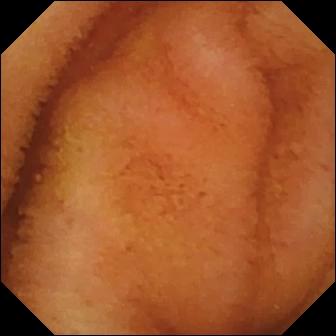Wireless capsule endoscopy view showing normal clean mucosa.